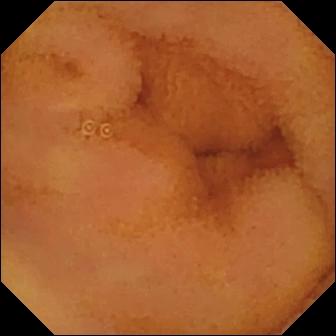{"modality": "wireless capsule endoscopy", "finding": "normal clean mucosa"}